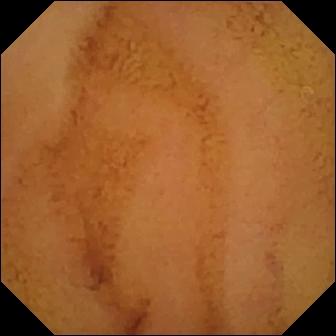PROCEDURE: WCE.
FINDINGS: Normal clean mucosa.